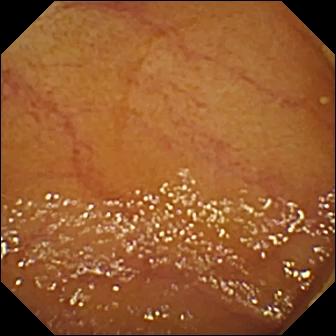Wireless capsule endoscopy snapshot, 336×336. Taken in the ileo-cecal valve region.